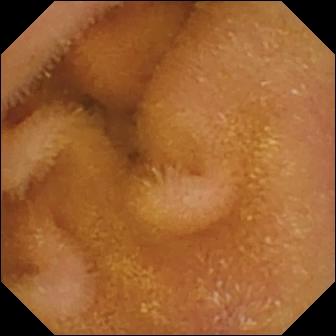PROCEDURE: Video capsule endoscopy.
SEGMENT: Small intestine.
FINDINGS: Normal clean mucosa.